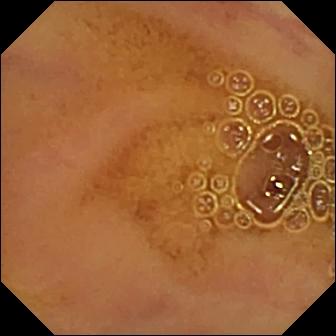Small-bowel capsule endoscopy — normal clean mucosa.